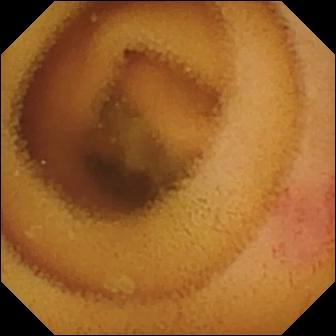Q: What does this wireless capsule endoscopy still show?
A: Angiectasia.